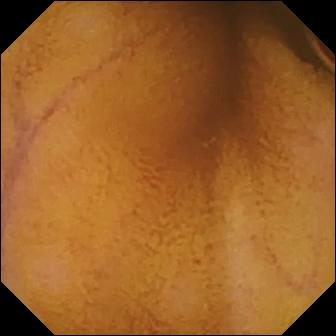Small-bowel capsule endoscopy still (small intestine). Normal clean mucosa.